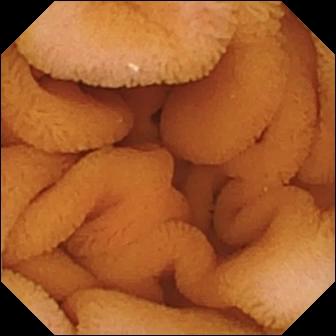Normal clean mucosa — WCE view.